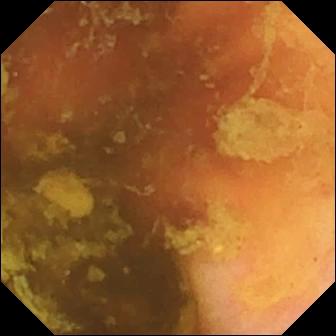Ileo-cecal valve region (the transition from the small bowel to the large bowel) — capsule endoscopy still.